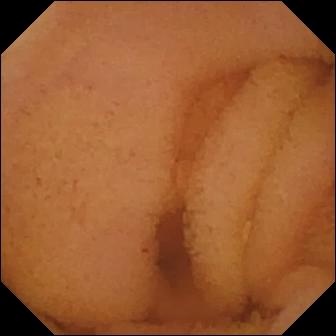Video capsule endoscopy view. Normal clean mucosa.